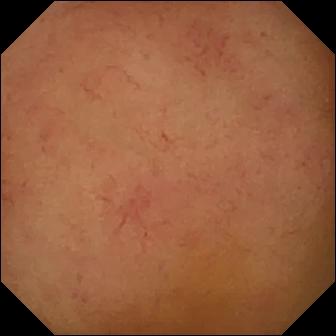- modality: WCE
- category: luminal finding
- label: normal clean mucosa